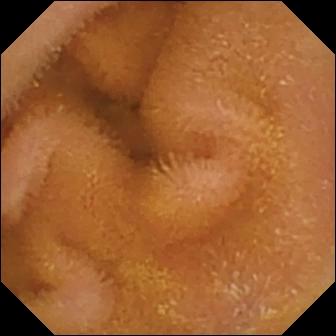{"modality": "video capsule endoscopy", "finding": "normal clean mucosa"}